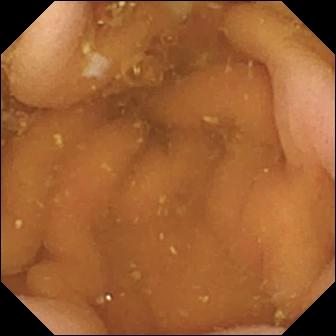Pylorus region.